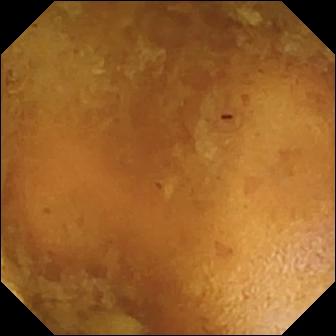Reduced mucosal view (content or bubbles obscuring the mucosa).